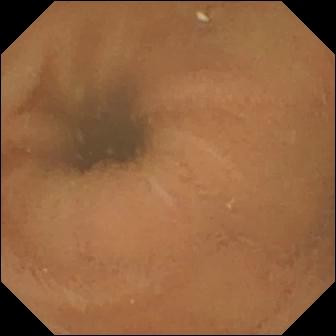modality: WCE
finding: normal clean mucosa